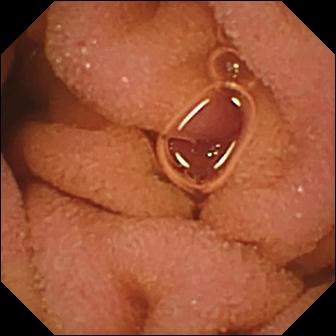VCE. Small bowel. Observation: normal clean mucosa.